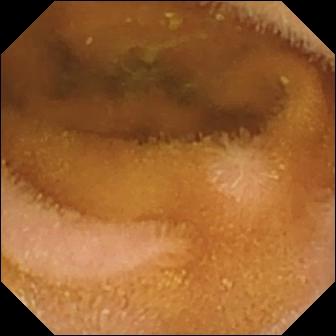Capsule endoscopy frame, small bowel
Label: normal clean mucosa